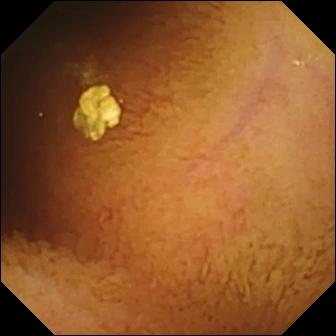This WCE frame shows normal clean mucosa.